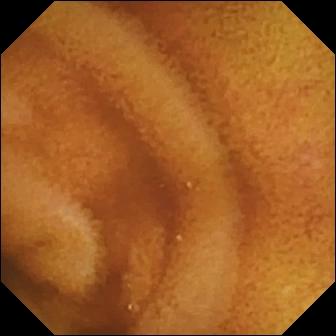Q: What does this wireless capsule endoscopy frame of the small bowel show?
A: Normal clean mucosa.